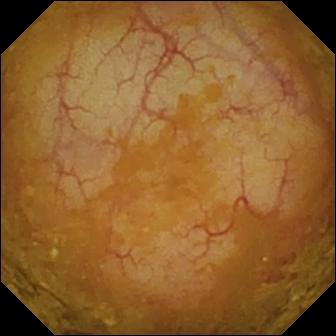{"modality": "wireless capsule endoscopy", "video_segment": "ileo-cecal valve region (where the capsule passes from the small bowel into the large bowel)"}